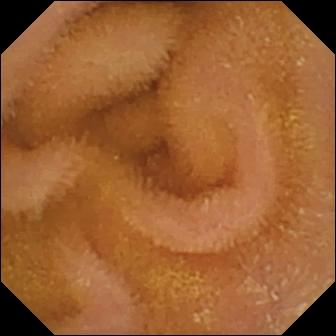Q: What does this wireless capsule endoscopy still show?
A: Normal clean mucosa.